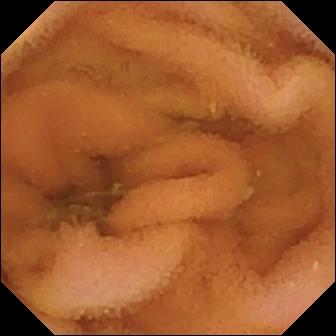Normal clean mucosa — VCE image.